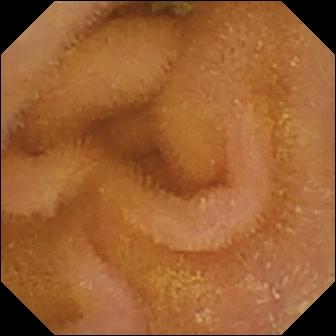Normal clean mucosa (336×336).